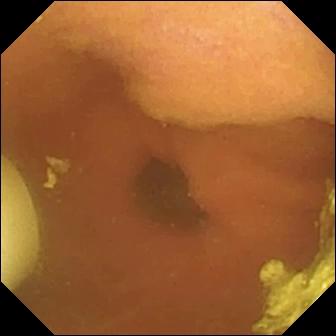Wireless capsule endoscopy snapshot
Observation: foreign body (e.g. retained capsule, tablet residue)